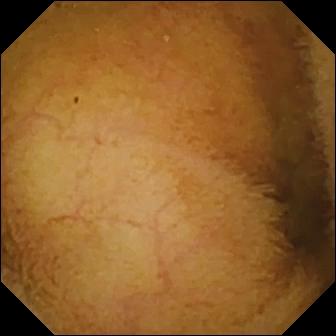Video capsule endoscopy still
Impression: normal clean mucosa